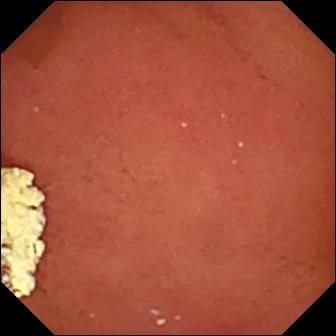Pylorus region (where the capsule passes from the stomach into the small bowel) — VCE frame.